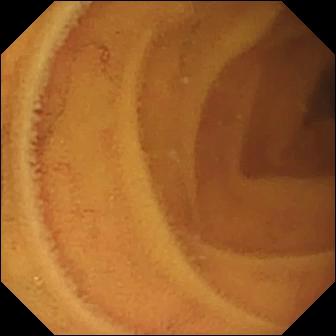Video capsule endoscopy. Label: normal clean mucosa.